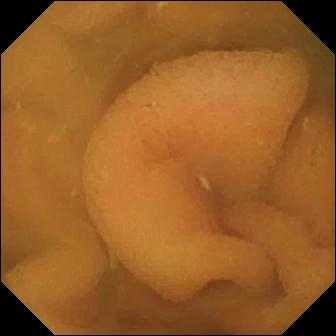Normal clean mucosa — WCE snapshot.